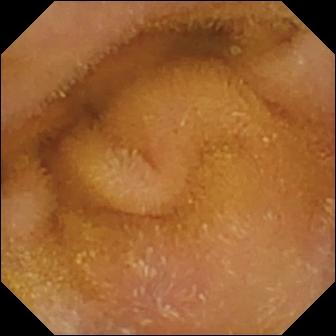WCE snapshot, 336×336. Normal clean mucosa.